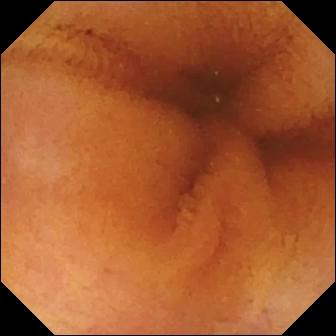modality: WCE
impression: normal clean mucosa